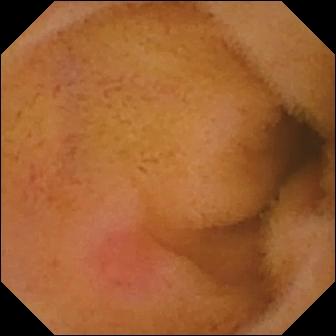PROCEDURE: Wireless capsule endoscopy.
FINDINGS: Erythema (mucosal redness).